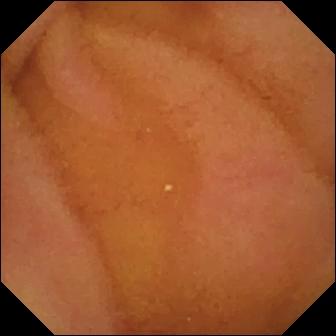modality: VCE
category: luminal finding
observation: normal clean mucosa